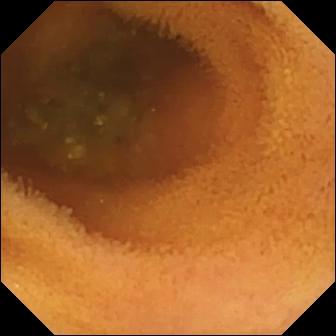Q: What does this wireless capsule endoscopy still of the small intestine show?
A: Normal clean mucosa.